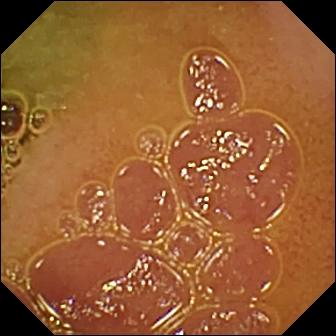WCE snapshot of the small bowel showing normal clean mucosa.